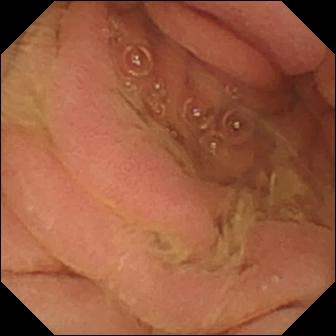PROCEDURE: Wireless capsule endoscopy.
VIDEO SEGMENT: Pylorus region (where the capsule passes from the stomach into the small bowel).